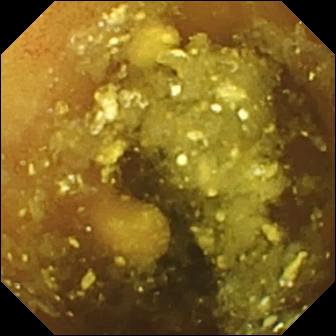Video capsule endoscopy image showing lymphangiectasia.